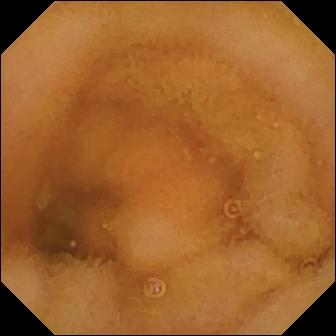This VCE frame shows normal clean mucosa.